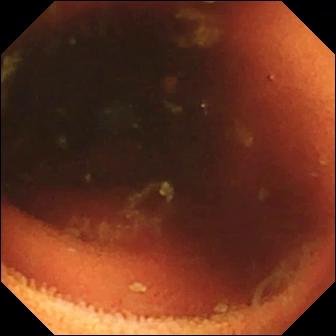VCE snapshot, 336×336. Taken in the ileo-cecal valve region (where the capsule passes from the small bowel into the large bowel).